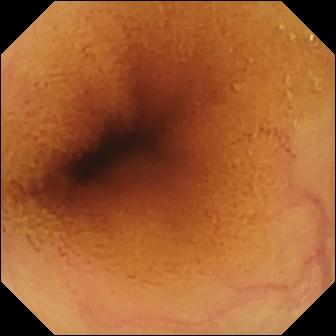Capsule endoscopy view. Normal clean mucosa.